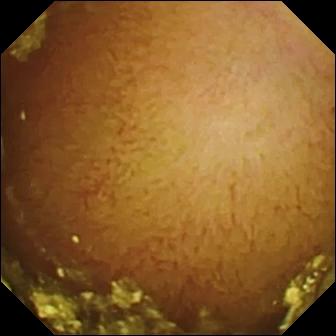Wireless capsule endoscopy — normal clean mucosa.